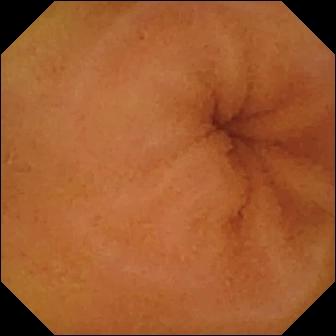Wireless capsule endoscopy. Luminal finding. Label: normal clean mucosa.